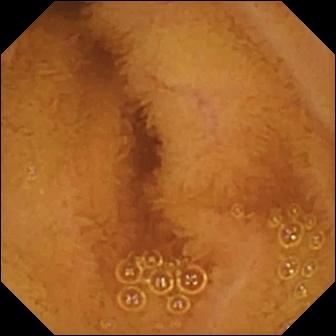Normal clean mucosa — small-bowel capsule endoscopy frame of the small intestine.